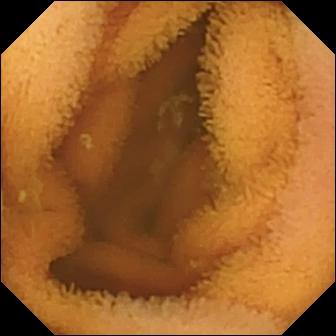Video capsule endoscopy. Luminal finding. Label: normal clean mucosa.